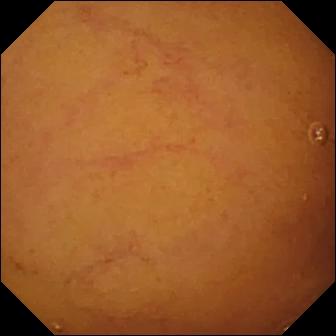Normal clean mucosa.